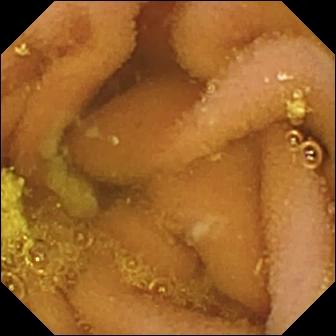Q: What does this wireless capsule endoscopy snapshot show?
A: Lymphangiectasia.